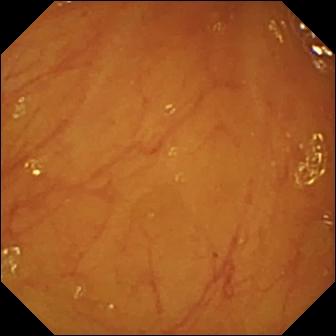Wireless capsule endoscopy still taken in the ileo-cecal valve region (where the capsule passes from the small bowel into the large bowel).